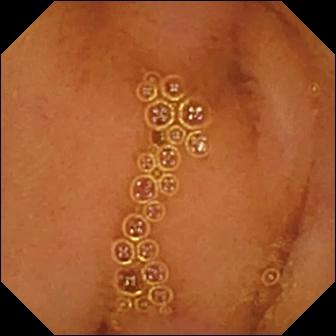Normal clean mucosa.